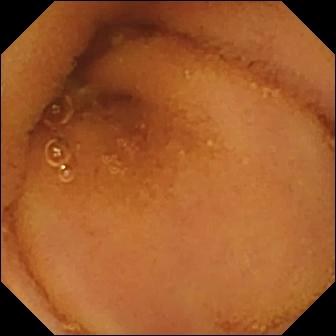Normal clean mucosa — small-bowel capsule endoscopy frame of the small intestine.